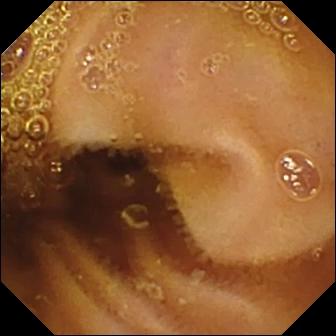- modality: capsule endoscopy
- segment: small intestine
- observation: normal clean mucosa